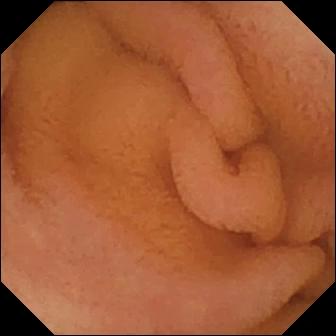This capsule endoscopy frame shows normal clean mucosa.